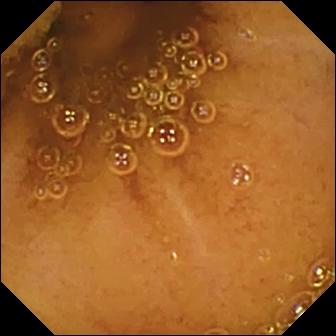PROCEDURE: Capsule endoscopy.
FINDINGS: Normal clean mucosa.